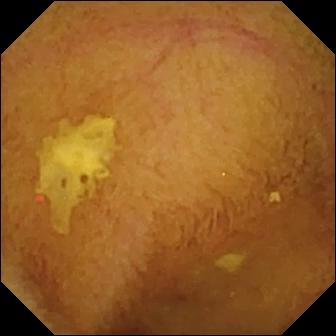- modality: small-bowel capsule endoscopy
- segment: small intestine
- label: normal clean mucosa